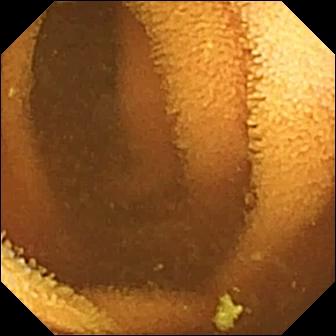This small-bowel capsule endoscopy frame of the small intestine shows normal clean mucosa.